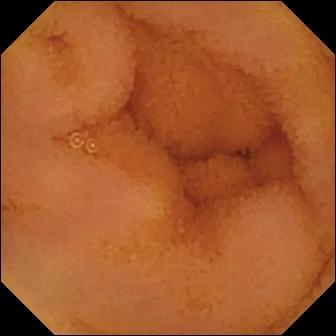modality: VCE
label: normal clean mucosa